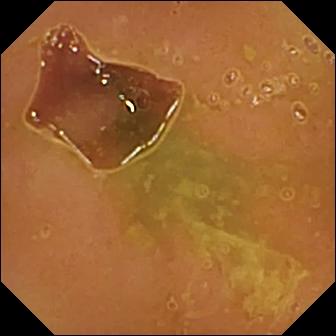Video capsule endoscopy still, small intestine
Observation: normal clean mucosa